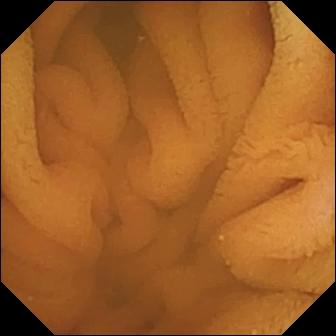{"modality": "capsule endoscopy", "segment": "small bowel", "finding": "normal clean mucosa"}